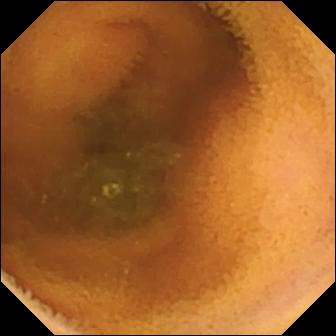modality: capsule endoscopy; segment: small bowel; category: luminal finding; impression: normal clean mucosa